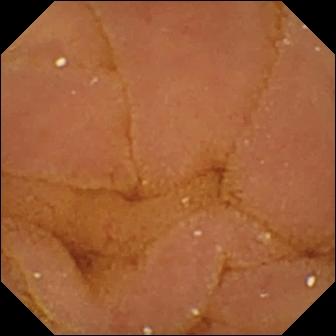VCE. Observation: normal clean mucosa.